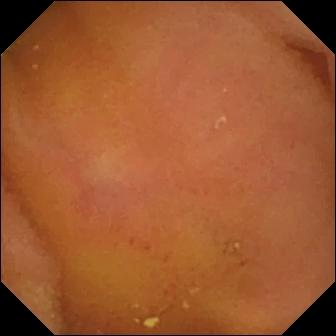PROCEDURE: VCE.
SEGMENT: Small bowel.
FINDINGS: Normal clean mucosa.